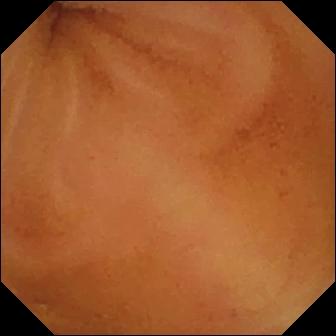PROCEDURE: VCE.
SEGMENT: Small intestine.
FINDINGS: Normal clean mucosa.